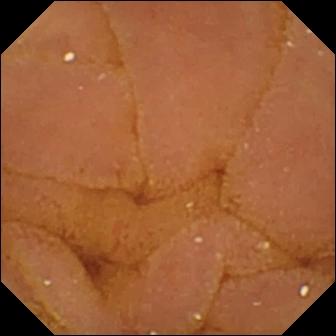This wireless capsule endoscopy snapshot of the small bowel shows normal clean mucosa.